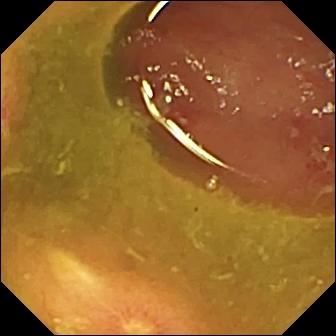Capsule endoscopy snapshot showing ulcer.